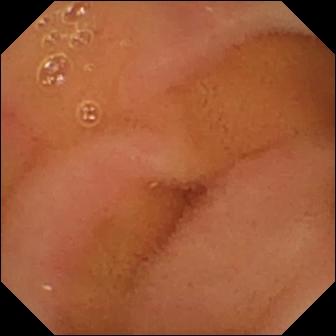modality: wireless capsule endoscopy
segment: small intestine
observation: normal clean mucosa